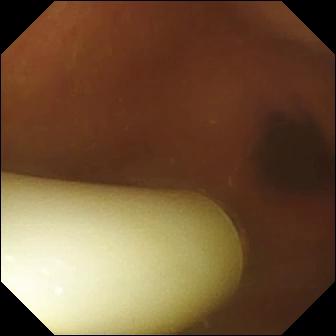- modality: capsule endoscopy
- category: luminal finding
- impression: foreign body (e.g. retained capsule, tablet residue)